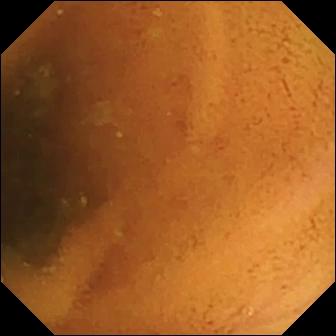Normal clean mucosa — VCE view.